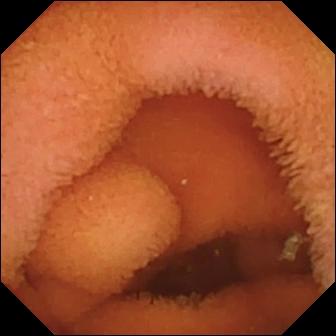modality: capsule endoscopy
segment: small bowel
label: normal clean mucosa